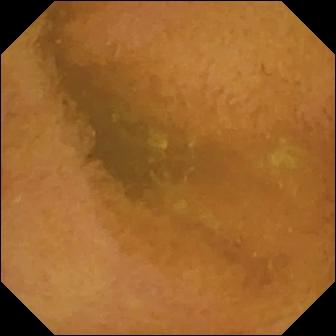PROCEDURE: Small-bowel capsule endoscopy.
FINDINGS: Normal clean mucosa.